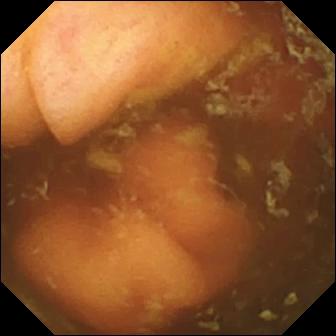Wireless capsule endoscopy — ileo-cecal valve region.